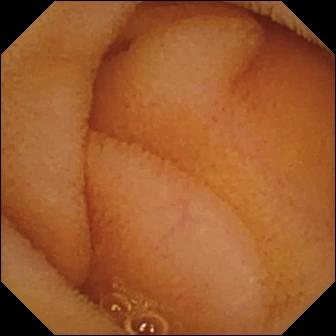Normal clean mucosa.